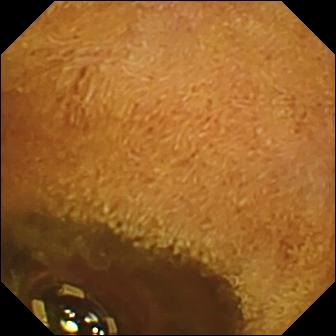Video capsule endoscopy. Impression: foreign body (e.g. retained capsule, tablet residue).